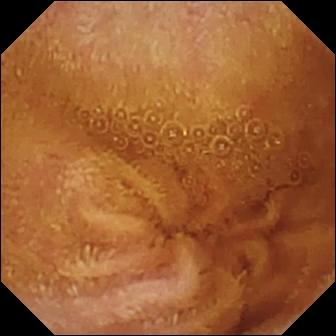This video capsule endoscopy still shows normal clean mucosa.